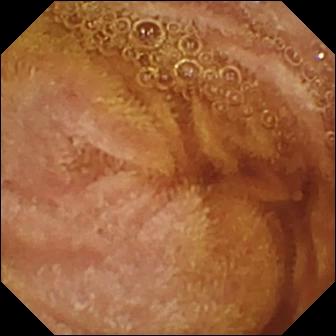{"modality": "wireless capsule endoscopy", "finding": "normal clean mucosa"}